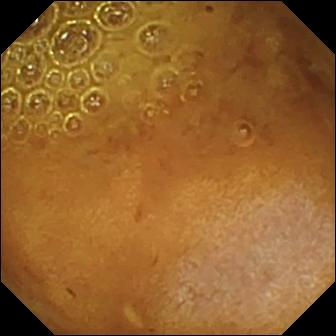modality: video capsule endoscopy
segment: small bowel
finding: reduced mucosal view (content or bubbles obscuring the mucosa)